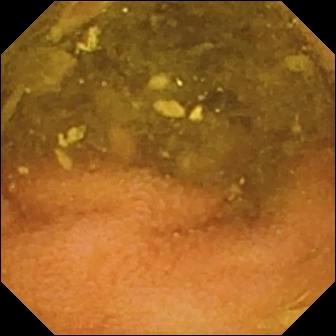Capsule endoscopy snapshot
Finding: normal clean mucosa